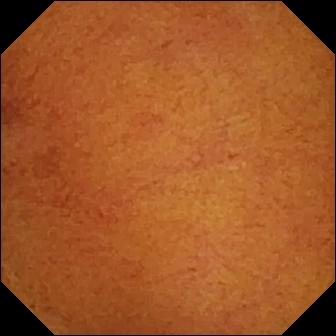Normal clean mucosa — wireless capsule endoscopy view.